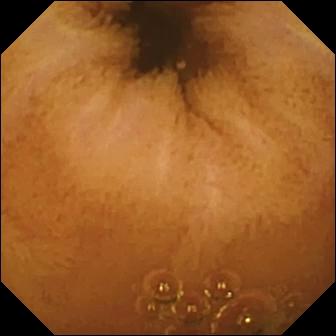Normal clean mucosa — VCE frame.